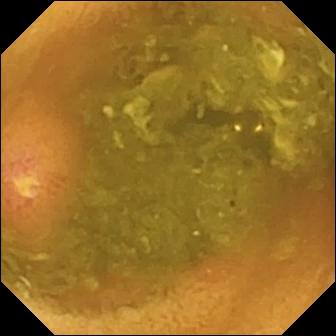Ulcer.